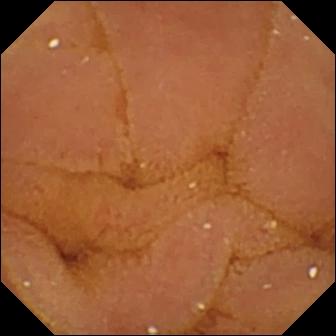Video capsule endoscopy image
Label: normal clean mucosa